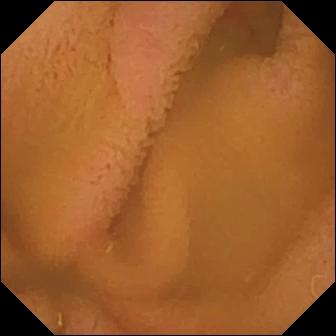Q: What does this video capsule endoscopy snapshot show?
A: Normal clean mucosa.